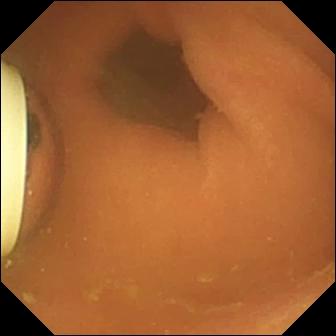Wireless capsule endoscopy still. Foreign body (e.g. retained capsule, tablet residue).